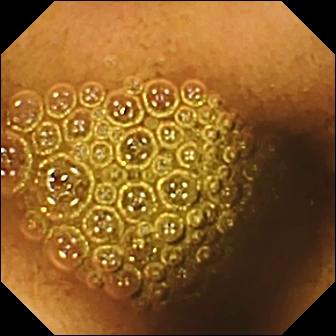Reduced mucosal view (content or bubbles obscuring the mucosa).